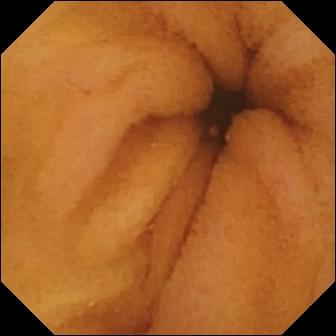This wireless capsule endoscopy snapshot shows normal clean mucosa.